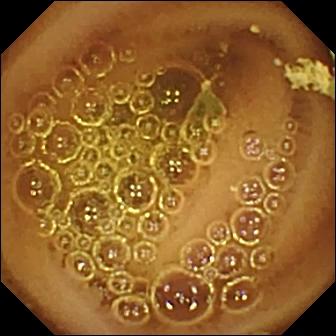VCE still of the small bowel showing normal clean mucosa.